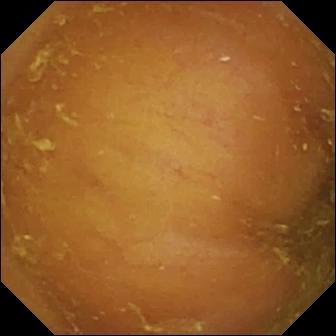Ileo-cecal valve region (where the capsule passes from the small bowel into the large bowel) — WCE view.